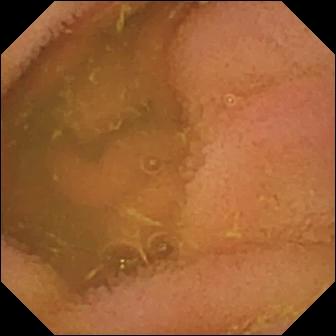Capsule endoscopy. Small intestine. Luminal finding. Finding: normal clean mucosa.